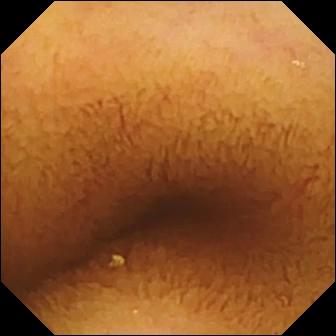Capsule endoscopy view
Label: normal clean mucosa